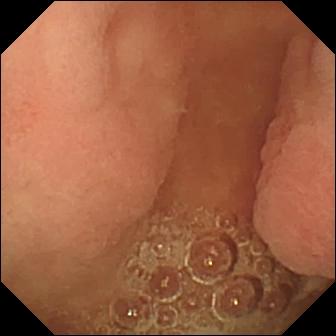{"modality": "wireless capsule endoscopy", "position": "pylorus region"}